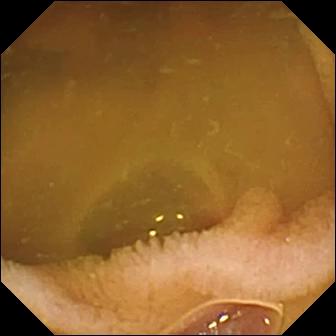Q: What does this small-bowel capsule endoscopy frame of the small intestine show?
A: Normal clean mucosa.